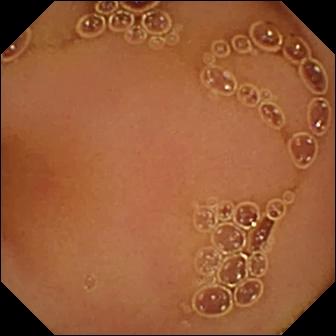This video capsule endoscopy image shows normal clean mucosa.